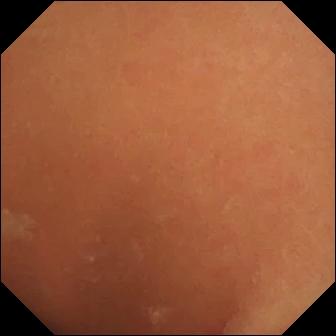Capsule endoscopy. Finding: normal clean mucosa.